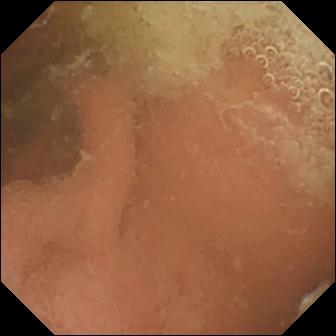{"modality": "small-bowel capsule endoscopy", "segment": "small bowel", "category": "luminal finding", "finding": "normal clean mucosa"}